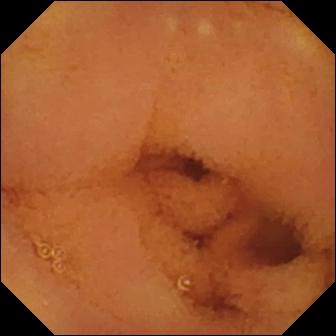This small-bowel capsule endoscopy view of the small bowel shows normal clean mucosa.